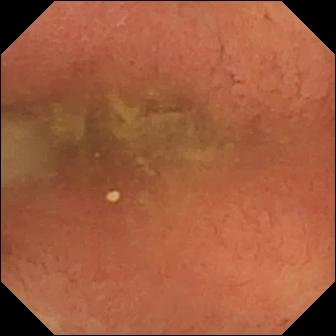modality: capsule endoscopy | video segment: pylorus region (where the capsule passes from the stomach into the small bowel)